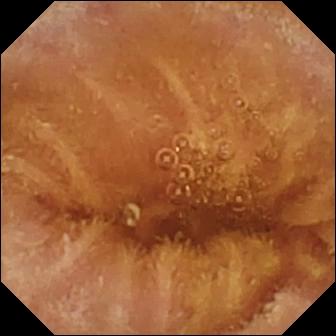Normal clean mucosa (336×336).